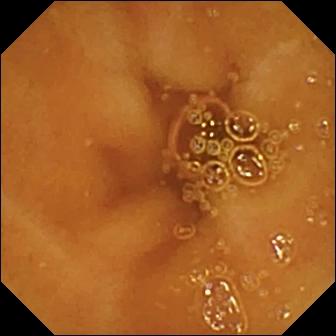Wireless capsule endoscopy — normal clean mucosa.